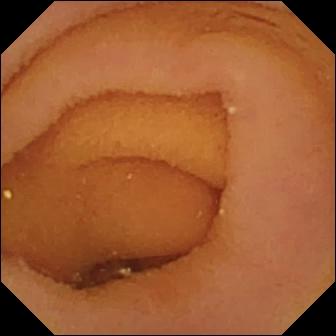PROCEDURE: Wireless capsule endoscopy.
LABEL: Pylorus region (the junction between the stomach and the small bowel).